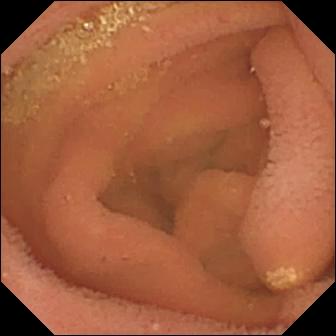WCE — lymphangiectasia.